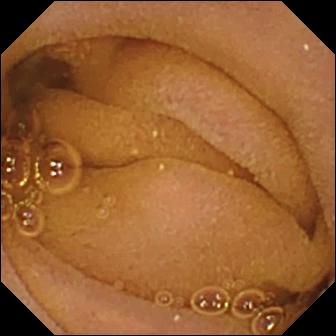{"modality": "wireless capsule endoscopy", "finding": "normal clean mucosa"}